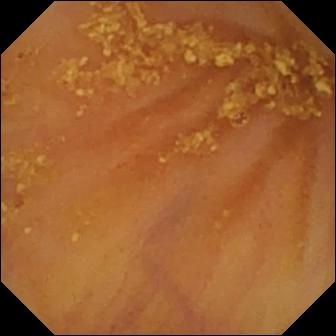Small-bowel capsule endoscopy. Near an anatomical landmark. Location: ileo-cecal valve region (where the capsule passes from the small bowel into the large bowel).